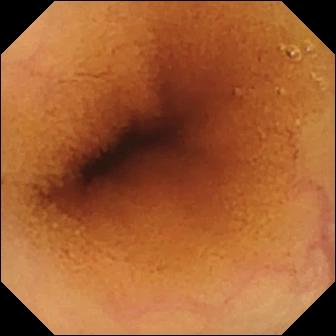Video capsule endoscopy still showing normal clean mucosa.